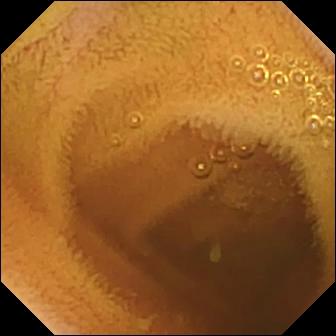Video capsule endoscopy. Finding: normal clean mucosa.